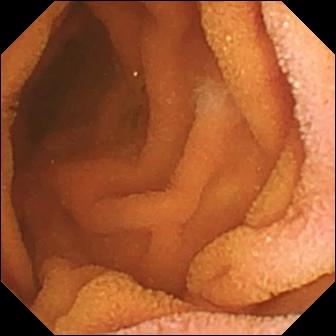- modality: capsule endoscopy
- observation: normal clean mucosa